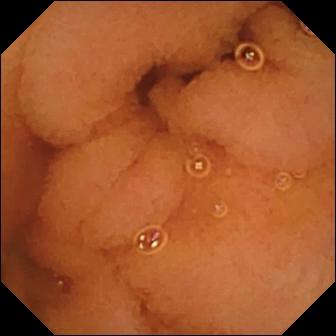Q: What does this VCE frame of the small intestine show?
A: Normal clean mucosa.